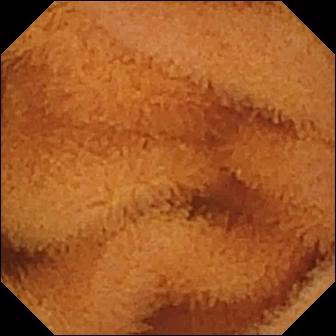modality: WCE | label: normal clean mucosa